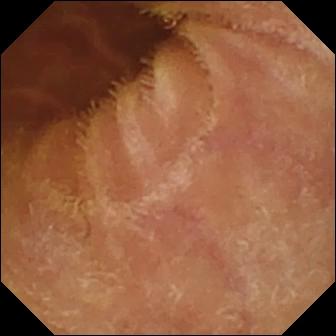Capsule endoscopy still showing normal clean mucosa.